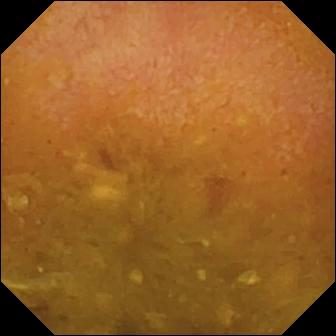- modality: small-bowel capsule endoscopy
- label: reduced mucosal view (content or bubbles obscuring the mucosa)